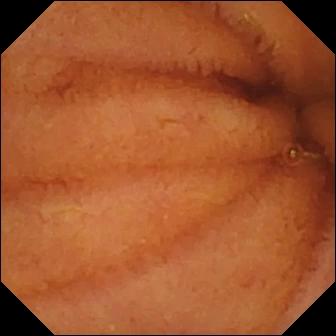VCE. Impression: normal clean mucosa.